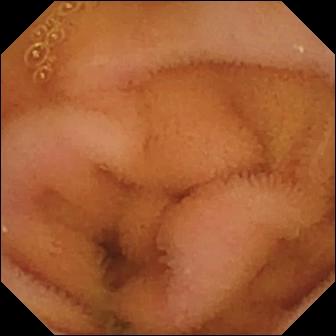{"modality": "VCE", "segment": "small bowel", "finding": "normal clean mucosa"}